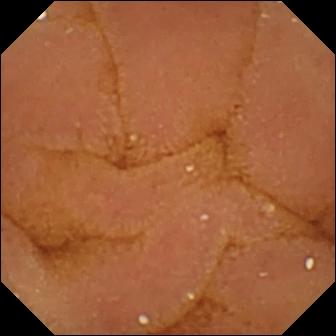VCE. Small intestine. Impression: normal clean mucosa.